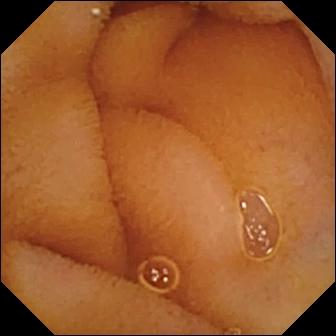PROCEDURE: Capsule endoscopy.
FINDINGS: Normal clean mucosa.